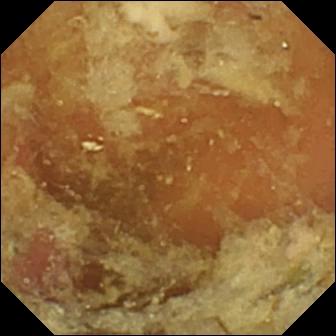Wireless capsule endoscopy frame taken in the pylorus region.